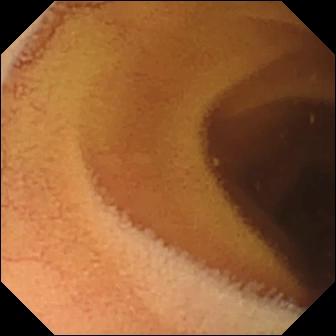VCE still, small bowel
Label: normal clean mucosa